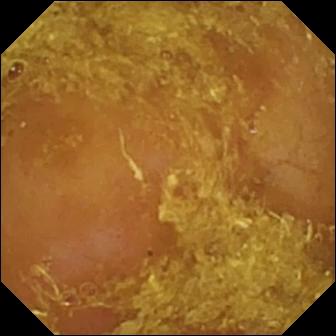Video capsule endoscopy frame, small intestine
Impression: reduced mucosal view (content or bubbles obscuring the mucosa)